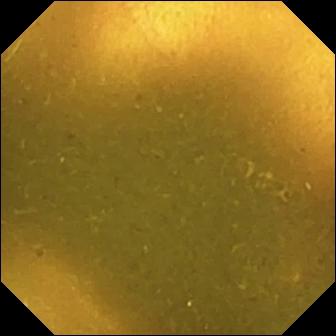Wireless capsule endoscopy image taken in the ileo-cecal valve region.